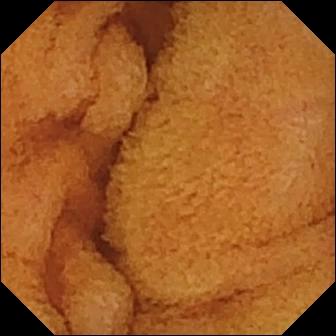Q: What does this video capsule endoscopy frame of the small intestine show?
A: Normal clean mucosa.